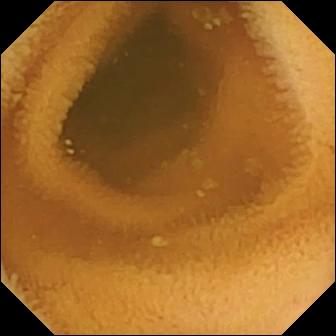modality: VCE
segment: small bowel
category: luminal finding
finding: normal clean mucosa